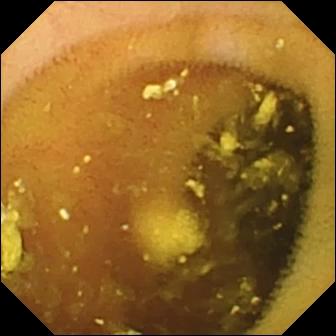VCE — lymphangiectasia.